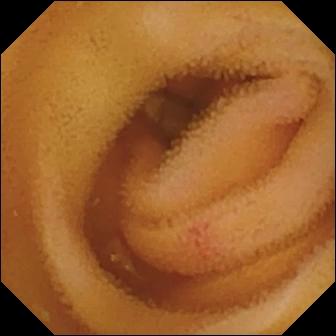Small-bowel capsule endoscopy still
Finding: angiectasia